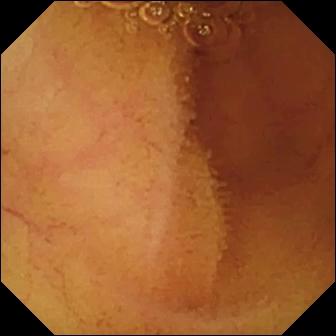Wireless capsule endoscopy frame
Label: normal clean mucosa